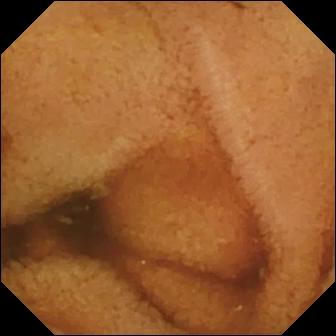Wireless capsule endoscopy image
Video segment: ileo-cecal valve region (the transition from the small bowel to the large bowel)